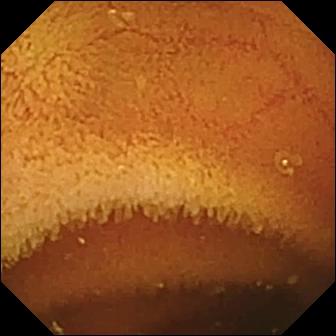Wireless capsule endoscopy. Small bowel. Observation: normal clean mucosa.